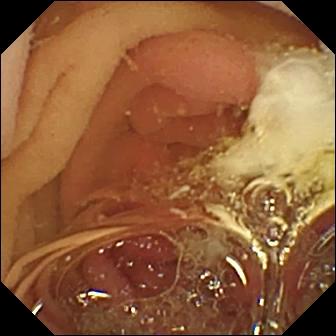Wireless capsule endoscopy frame
Video segment: pylorus region (the junction between the stomach and the small bowel)